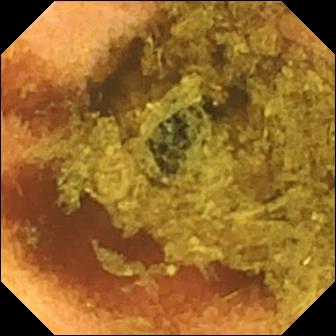- modality: WCE
- impression: normal clean mucosa